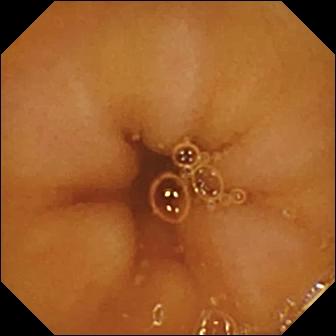Video capsule endoscopy still
Finding: normal clean mucosa